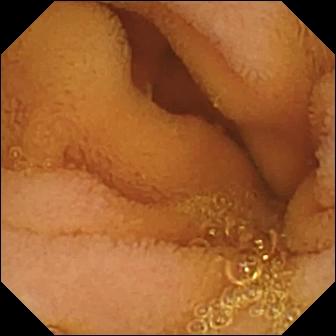Normal clean mucosa.